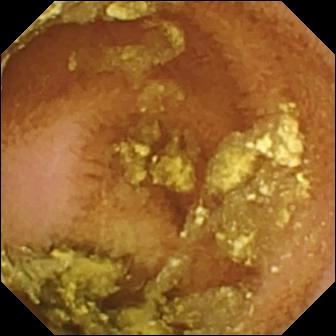Normal clean mucosa.